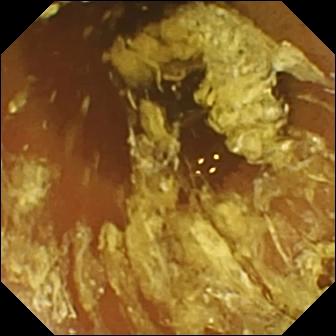This small-bowel capsule endoscopy frame of the small intestine shows normal clean mucosa.